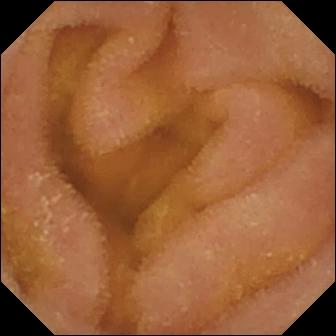- modality: small-bowel capsule endoscopy
- impression: normal clean mucosa